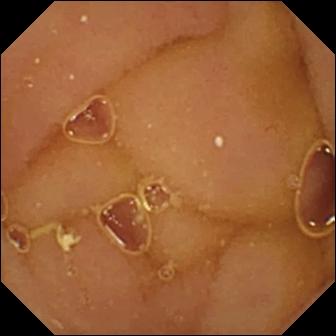Q: What does this small-bowel capsule endoscopy still of the small bowel show?
A: Normal clean mucosa.